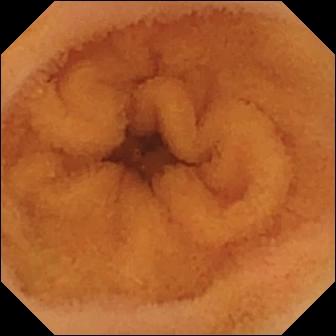This VCE snapshot shows normal clean mucosa.